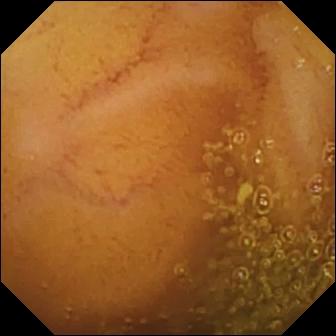Capsule endoscopy frame
Impression: normal clean mucosa